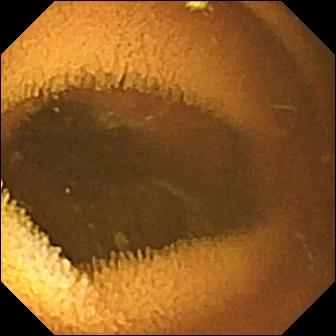Q: What does this VCE frame show?
A: Normal clean mucosa.